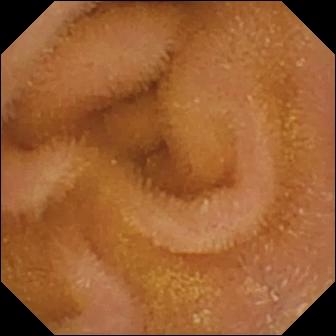Capsule endoscopy — normal clean mucosa.